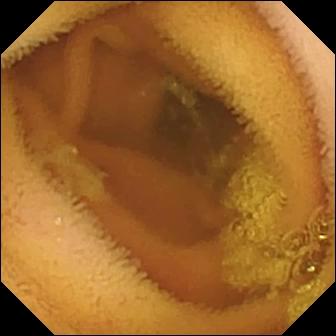This wireless capsule endoscopy image of the small intestine shows normal clean mucosa.